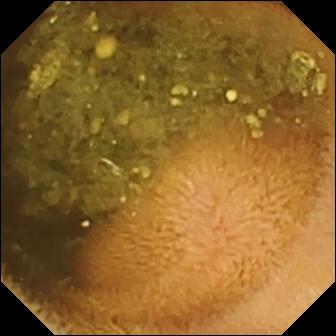Small-bowel capsule endoscopy frame of the small intestine showing reduced mucosal view (content or bubbles obscuring the mucosa).